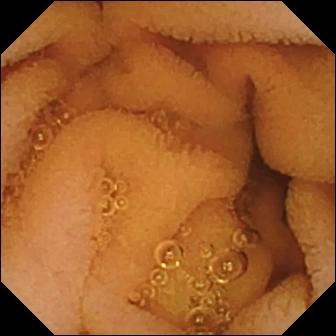Small-bowel capsule endoscopy frame. Normal clean mucosa.